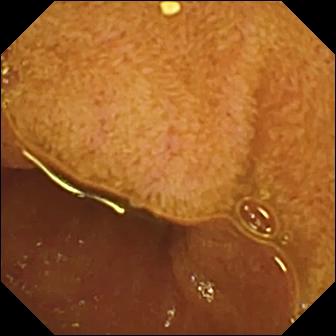Ileo-cecal valve region (the transition from the small bowel to the large bowel), 336×336.